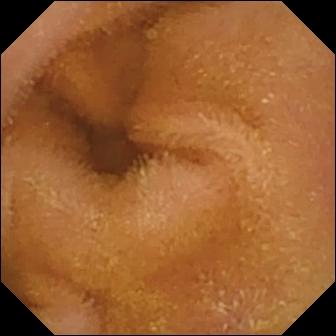This wireless capsule endoscopy image shows normal clean mucosa.